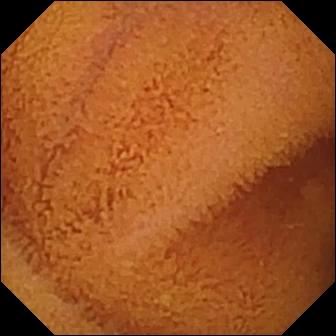This small-bowel capsule endoscopy frame of the small bowel shows normal clean mucosa.